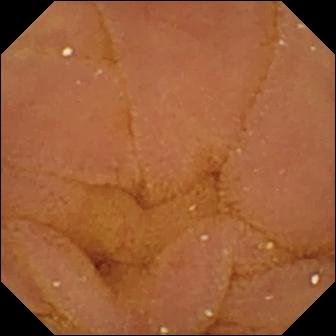Video capsule endoscopy image (small bowel). Normal clean mucosa.